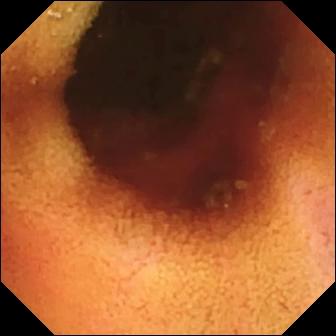- modality: capsule endoscopy
- position: ileo-cecal valve region (the transition from the small bowel to the large bowel)